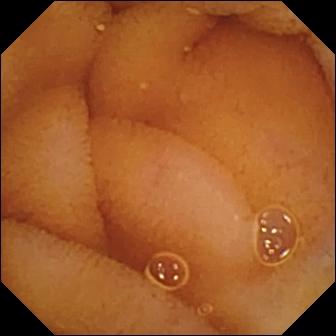modality: wireless capsule endoscopy
segment: small intestine
impression: normal clean mucosa